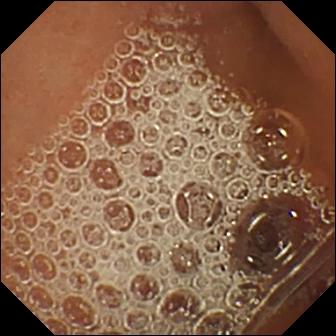PROCEDURE: VCE.
FINDINGS: Normal clean mucosa.